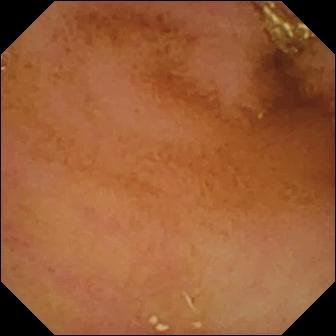{"modality": "video capsule endoscopy", "finding": "normal clean mucosa"}